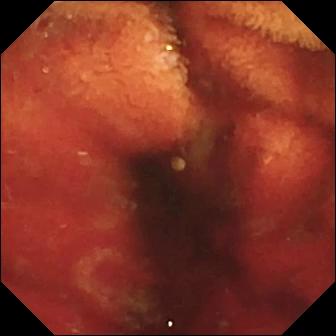{"modality": "video capsule endoscopy", "finding": "fresh blood in the lumen"}